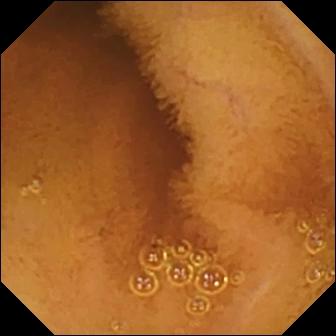Small-bowel capsule endoscopy snapshot showing normal clean mucosa.